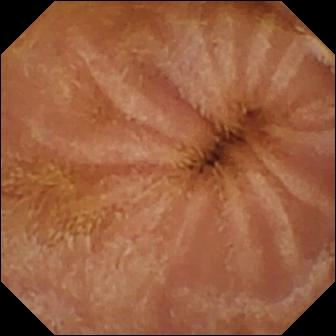{"modality": "capsule endoscopy", "category": "luminal finding", "finding": "normal clean mucosa"}